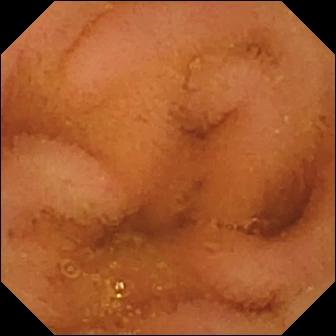{"modality": "capsule endoscopy", "segment": "small intestine", "finding": "normal clean mucosa"}